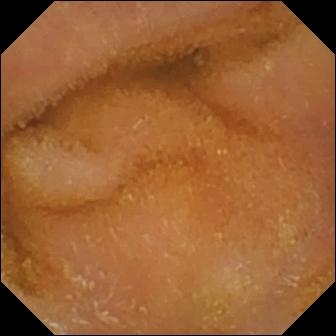Normal clean mucosa.